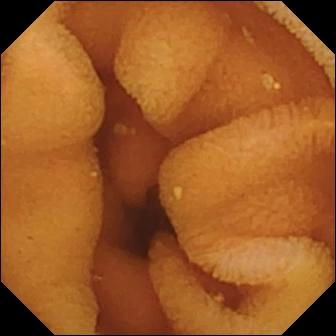Wireless capsule endoscopy view
Label: normal clean mucosa